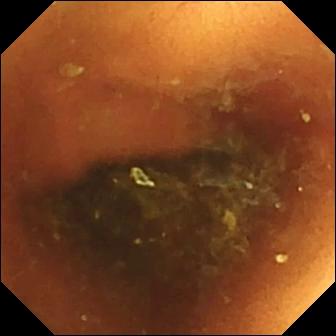This video capsule endoscopy frame of the small bowel shows normal clean mucosa.